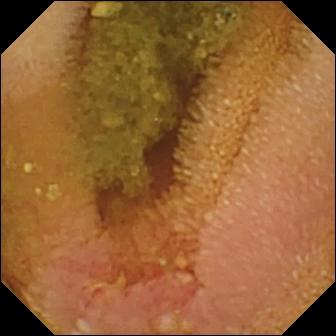Small-bowel capsule endoscopy. Finding: erosion.